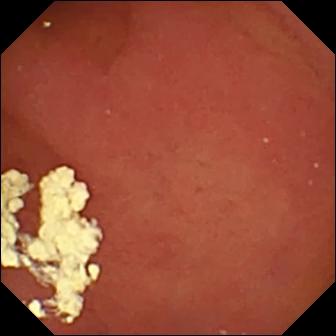Small-bowel capsule endoscopy snapshot. Taken in the pylorus region.